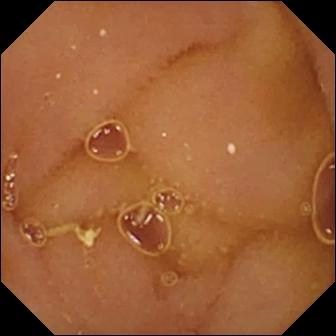Video capsule endoscopy — normal clean mucosa.